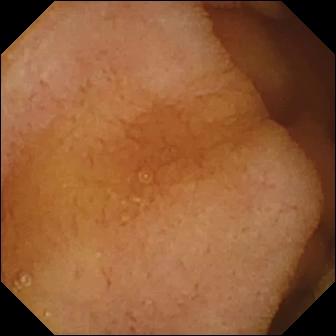Capsule endoscopy — normal clean mucosa.